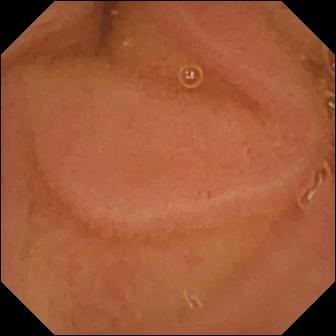{"modality": "WCE", "category": "luminal finding", "finding": "normal clean mucosa"}